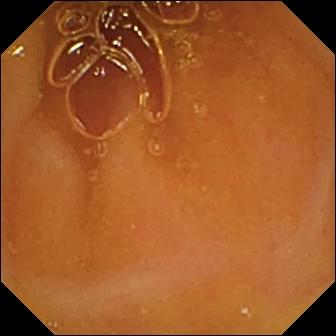Q: What does this capsule endoscopy image show?
A: Normal clean mucosa.